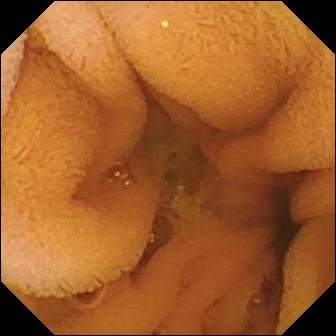This small-bowel capsule endoscopy snapshot shows normal clean mucosa.